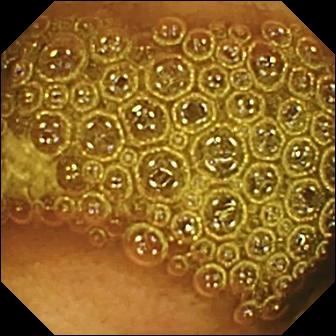{"modality": "video capsule endoscopy", "category": "luminal finding", "finding": "reduced mucosal view (content or bubbles obscuring the mucosa)"}